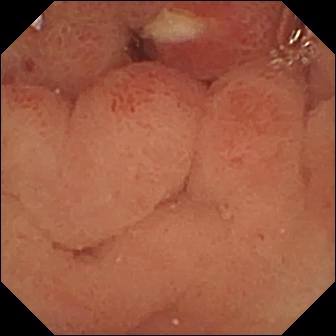modality: small-bowel capsule endoscopy; impression: ulcer